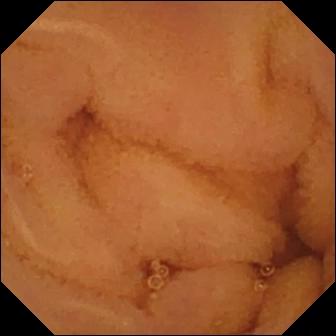Normal clean mucosa (336×336).